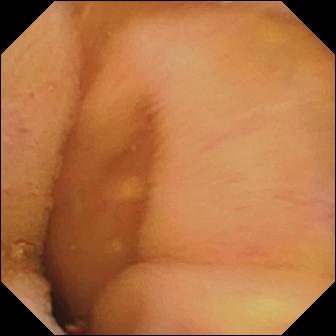This video capsule endoscopy view shows normal clean mucosa.